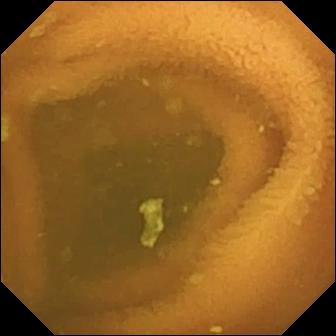Video capsule endoscopy view (small intestine). Normal clean mucosa.